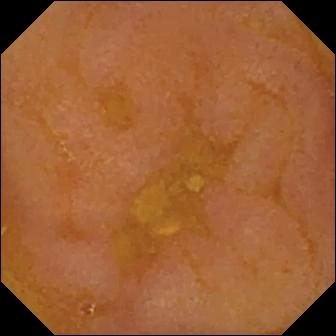This wireless capsule endoscopy snapshot shows reduced mucosal view (content or bubbles obscuring the mucosa).